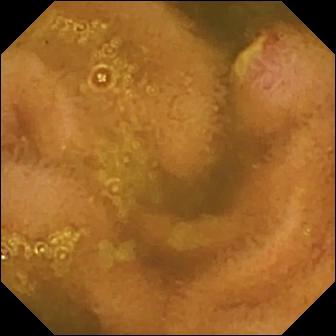This WCE frame shows ulcer.